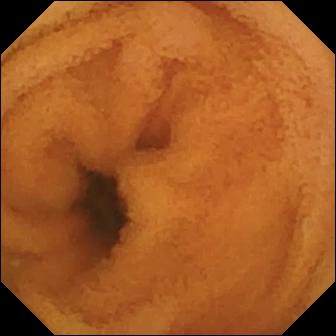Normal clean mucosa (336×336).